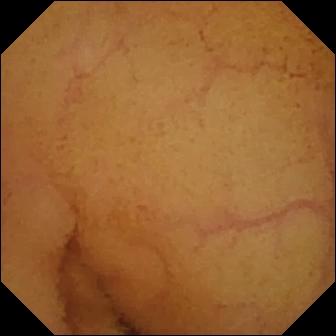Wireless capsule endoscopy — normal clean mucosa.